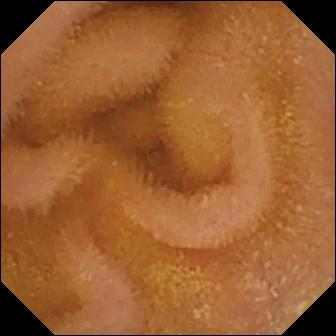- modality: wireless capsule endoscopy
- category: luminal finding
- observation: normal clean mucosa